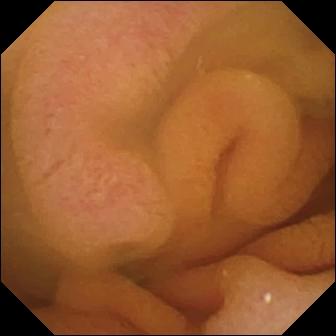Normal clean mucosa — WCE frame.